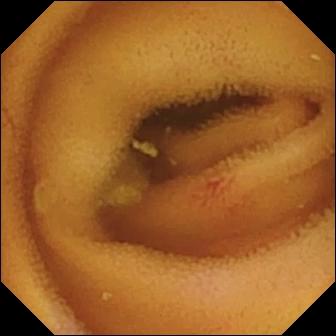Small-bowel capsule endoscopy — angiectasia.